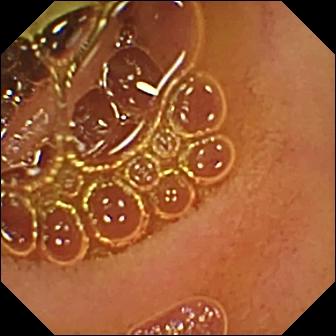Normal clean mucosa.